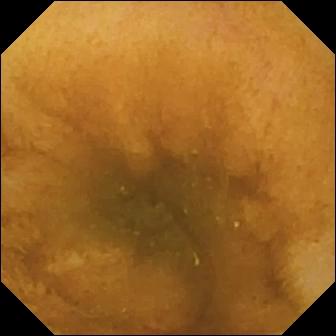modality: video capsule endoscopy; observation: normal clean mucosa